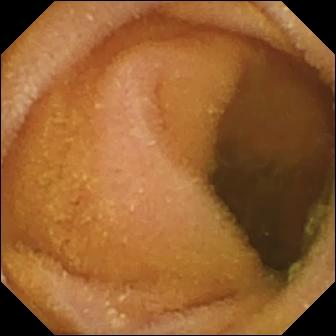Wireless capsule endoscopy — normal clean mucosa.